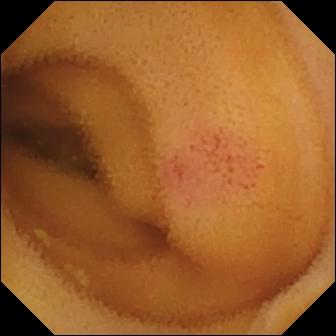Small-bowel capsule endoscopy. Observation: angiectasia.